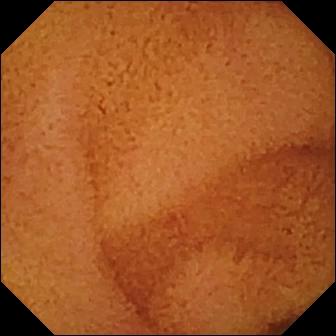This capsule endoscopy frame of the small intestine shows normal clean mucosa.